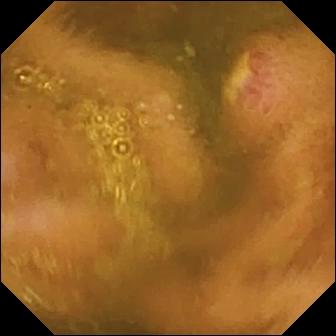- modality: video capsule endoscopy
- finding: ulcer